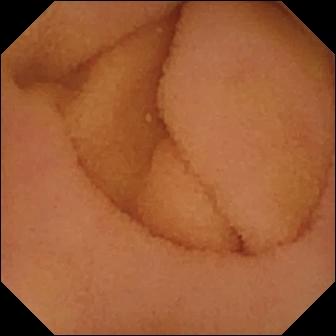WCE image of the small intestine showing normal clean mucosa.